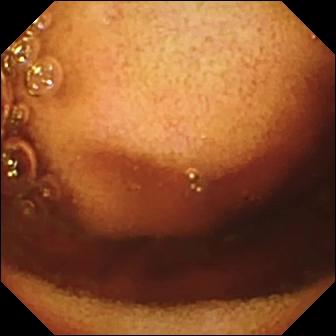Ileo-cecal valve region (where the capsule passes from the small bowel into the large bowel).